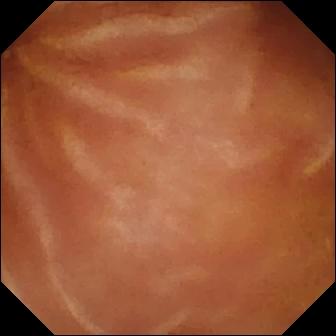{"modality": "WCE", "category": "luminal finding", "finding": "normal clean mucosa"}